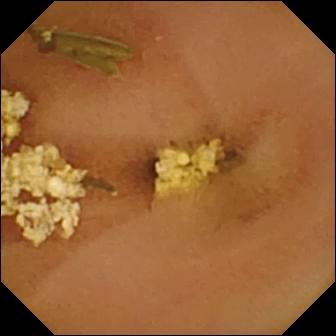This video capsule endoscopy view shows normal clean mucosa.